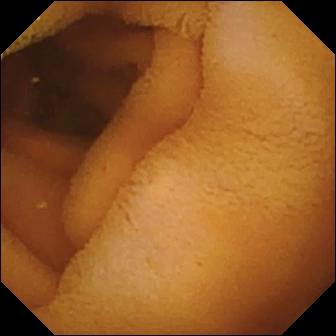Normal clean mucosa.